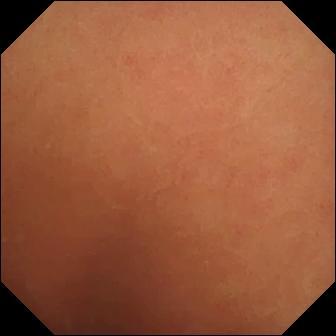WCE image. Normal clean mucosa.